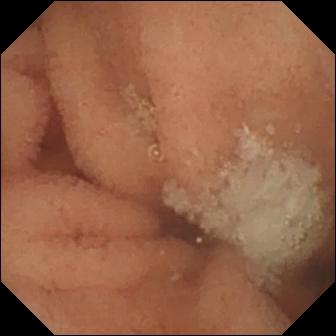- modality: video capsule endoscopy
- category: luminal finding
- observation: normal clean mucosa